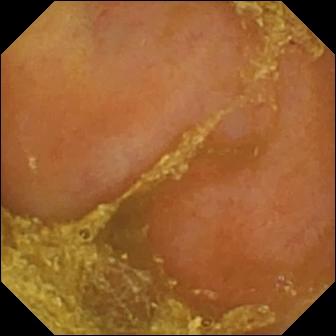- modality: video capsule endoscopy
- label: reduced mucosal view (content or bubbles obscuring the mucosa)